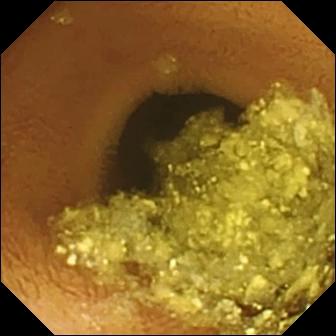Normal clean mucosa.